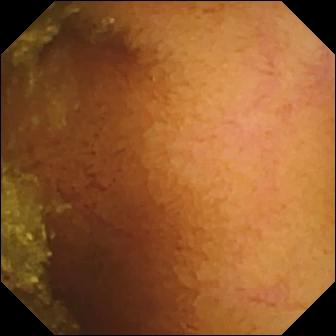WCE view showing normal clean mucosa.